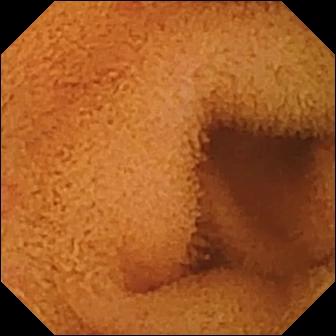Small-bowel capsule endoscopy — normal clean mucosa.